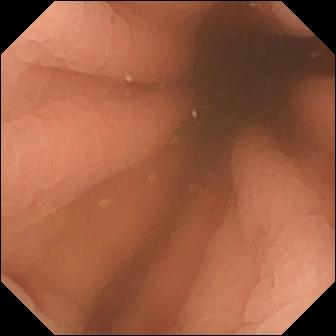Video capsule endoscopy image taken in the pylorus region (the junction between the stomach and the small bowel).